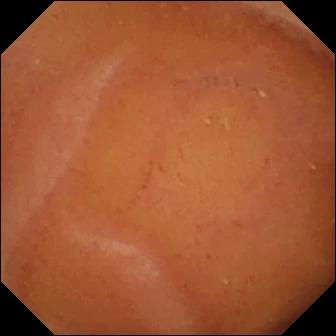VCE frame (small intestine). Normal clean mucosa.